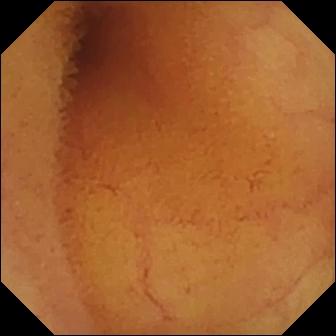Wireless capsule endoscopy — normal clean mucosa.